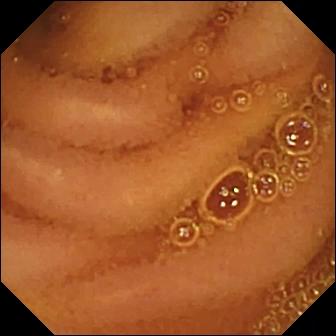WCE. Finding: normal clean mucosa.